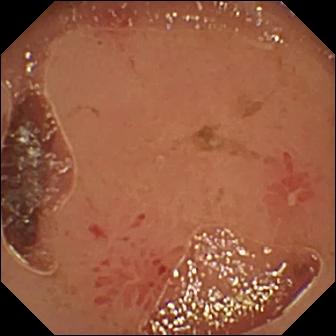PROCEDURE: Video capsule endoscopy.
FINDINGS: Erosion.